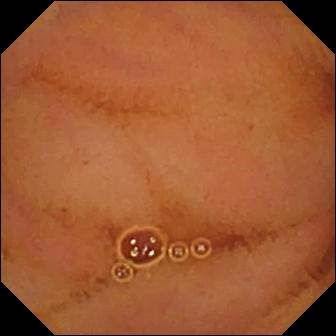PROCEDURE: WCE.
FINDINGS: Normal clean mucosa.